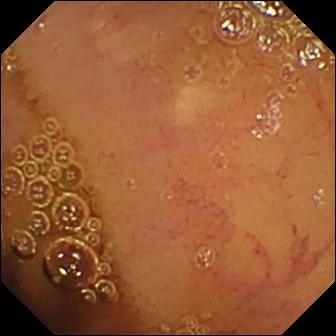modality: capsule endoscopy; segment: small intestine; finding: normal clean mucosa